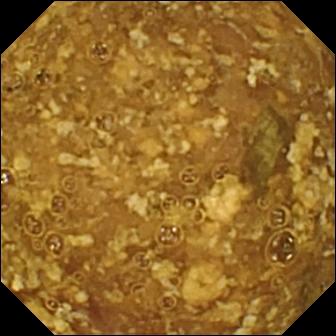modality: video capsule endoscopy; segment: small intestine; impression: reduced mucosal view (content or bubbles obscuring the mucosa)